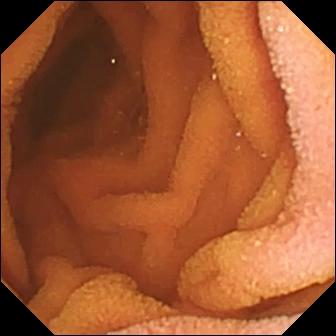Q: What does this VCE view show?
A: Normal clean mucosa.